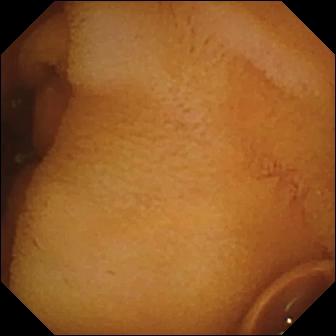Q: What does this video capsule endoscopy frame show?
A: Normal clean mucosa.